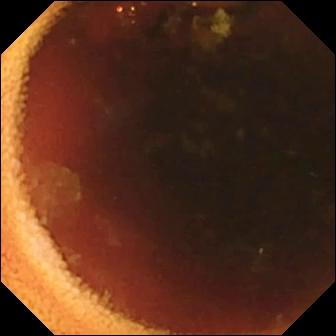Ileo-cecal valve region (where the capsule passes from the small bowel into the large bowel).